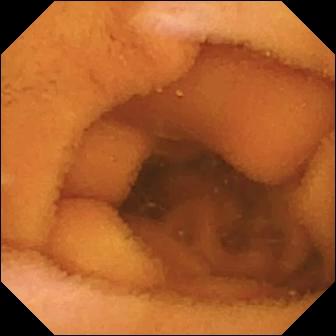Q: What does this wireless capsule endoscopy image show?
A: Normal clean mucosa.